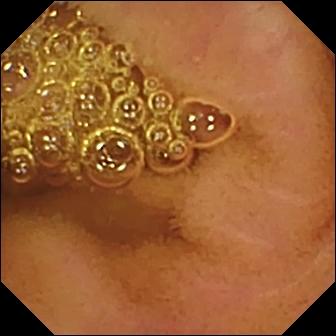{"modality": "capsule endoscopy", "category": "luminal finding", "finding": "normal clean mucosa"}